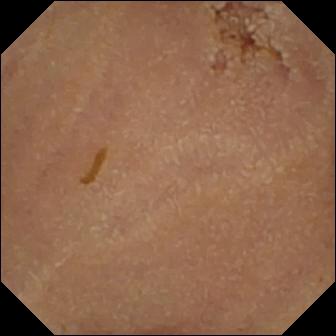WCE. Small intestine. Label: normal clean mucosa.